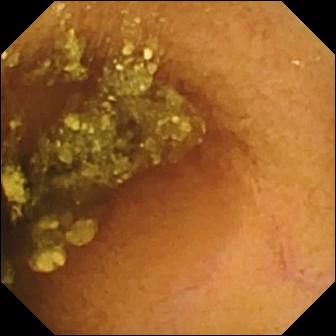Capsule endoscopy view of the small intestine showing normal clean mucosa.